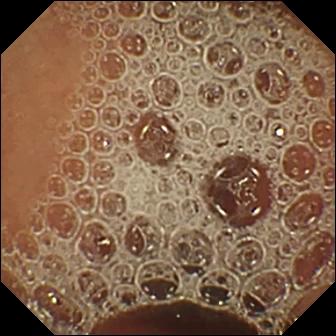{"modality": "VCE", "finding": "normal clean mucosa"}